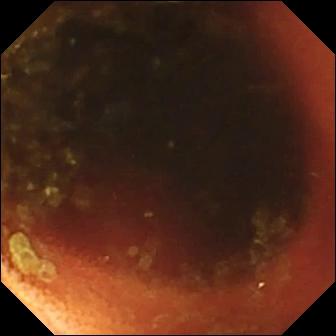PROCEDURE: Video capsule endoscopy.
POSITION: Ileo-cecal valve region (where the capsule passes from the small bowel into the large bowel).